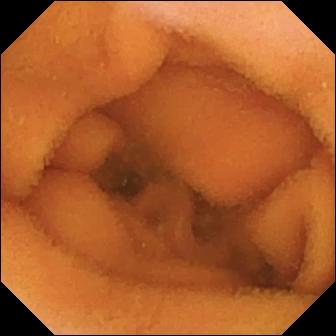Capsule endoscopy. Impression: normal clean mucosa.